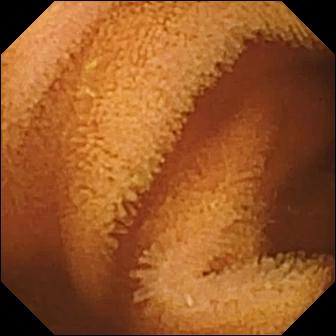modality: video capsule endoscopy; segment: small intestine; category: luminal finding; label: normal clean mucosa